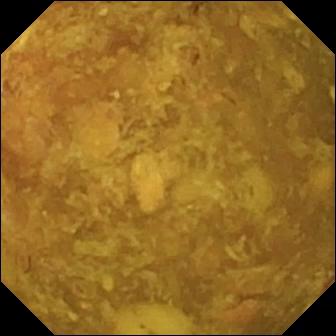Capsule endoscopy view
Observation: reduced mucosal view (content or bubbles obscuring the mucosa)